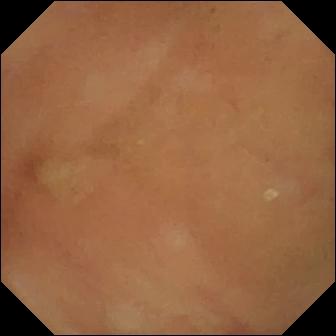Small-bowel capsule endoscopy. Observation: normal clean mucosa.